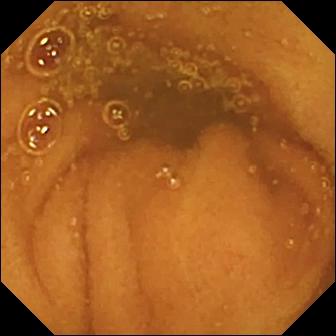Small-bowel capsule endoscopy still of the small bowel showing normal clean mucosa.